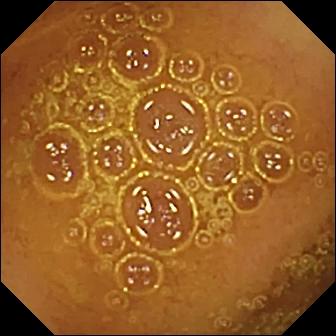This small-bowel capsule endoscopy view of the small bowel shows normal clean mucosa.